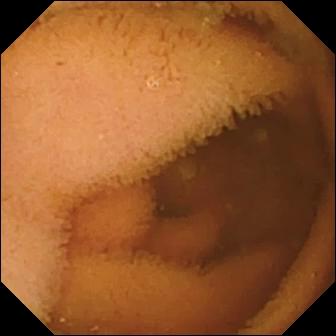Wireless capsule endoscopy view showing normal clean mucosa.